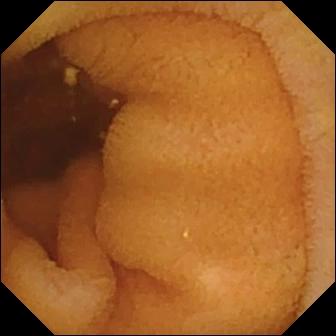{"modality": "capsule endoscopy", "segment": "small bowel", "finding": "normal clean mucosa"}